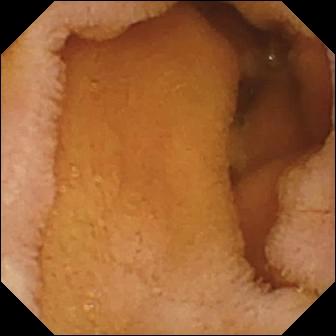Normal clean mucosa.